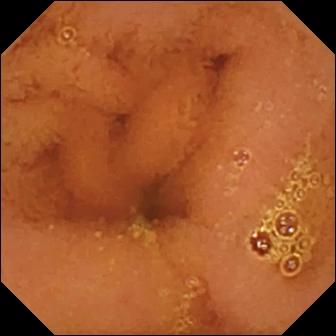This WCE image of the small intestine shows normal clean mucosa.